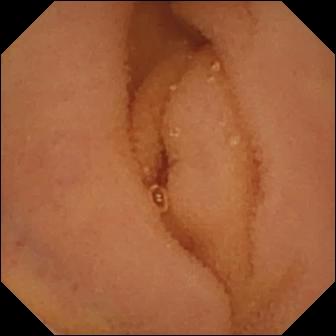- modality: video capsule endoscopy
- segment: small intestine
- category: luminal finding
- finding: normal clean mucosa